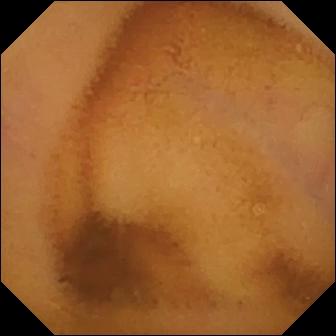Normal clean mucosa.